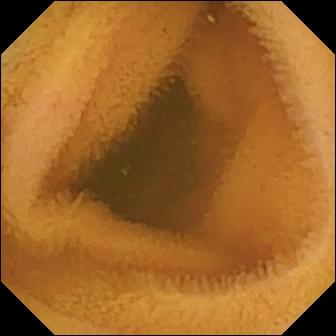PROCEDURE: Small-bowel capsule endoscopy.
FINDINGS: Normal clean mucosa.